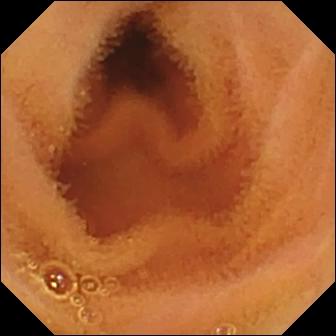{"modality": "capsule endoscopy", "segment": "small bowel", "category": "luminal finding", "finding": "normal clean mucosa"}